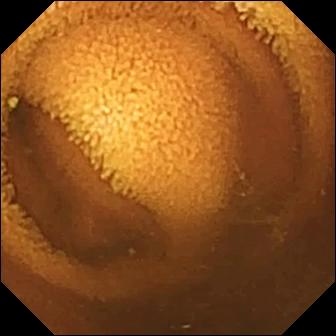Video capsule endoscopy still (small bowel). Normal clean mucosa.